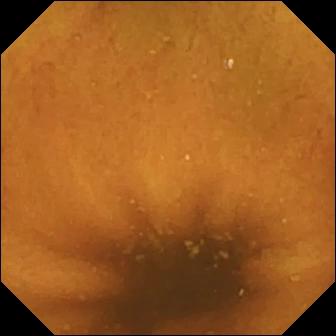Normal clean mucosa — wireless capsule endoscopy snapshot of the small intestine.